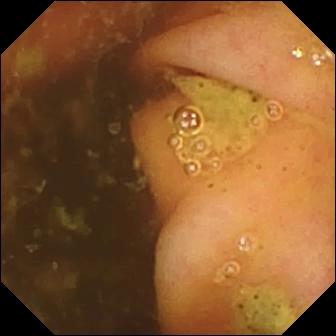VCE snapshot
Position: ileo-cecal valve region (the transition from the small bowel to the large bowel)